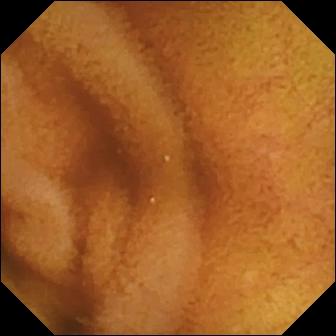- modality: capsule endoscopy
- finding: normal clean mucosa